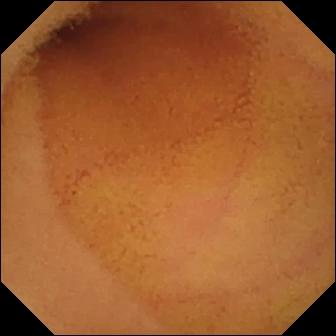PROCEDURE: Small-bowel capsule endoscopy.
SEGMENT: Small bowel.
FINDINGS: Normal clean mucosa.